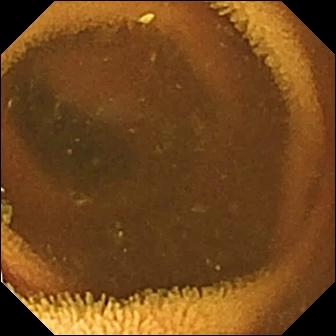Wireless capsule endoscopy snapshot, small bowel
Label: normal clean mucosa